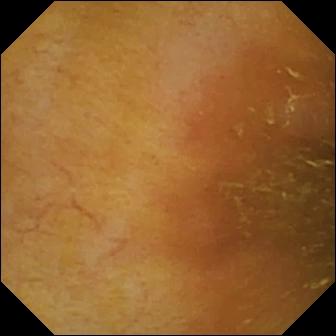WCE snapshot taken in the ileo-cecal valve region.